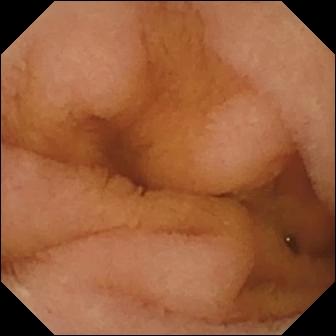PROCEDURE: Video capsule endoscopy.
FINDINGS: Normal clean mucosa.